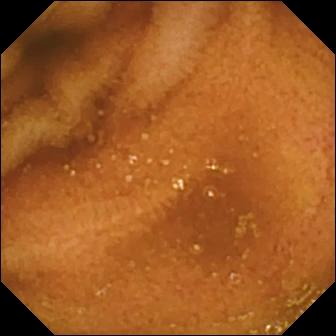{"modality": "capsule endoscopy", "category": "luminal finding", "finding": "normal clean mucosa"}